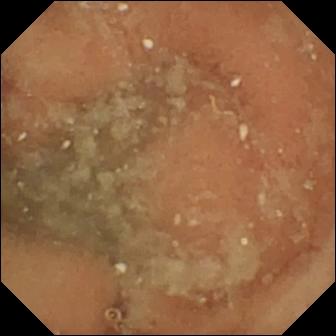Normal clean mucosa — small-bowel capsule endoscopy view of the small bowel.